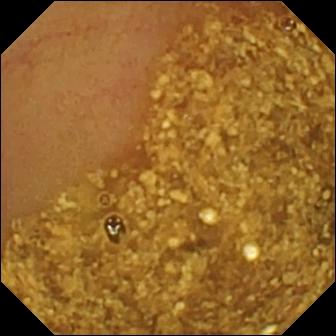WCE still taken in the ileo-cecal valve region (where the capsule passes from the small bowel into the large bowel).